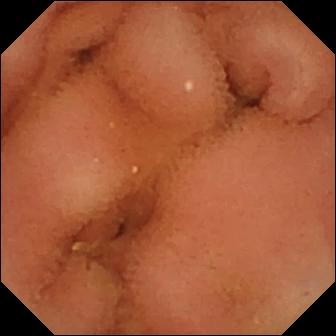modality: video capsule endoscopy
segment: small bowel
impression: normal clean mucosa